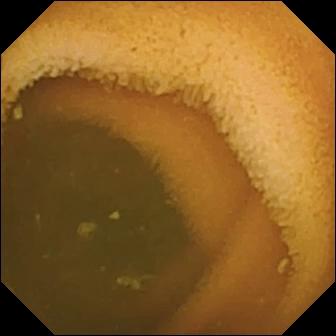{"modality": "capsule endoscopy", "category": "luminal finding", "finding": "normal clean mucosa"}